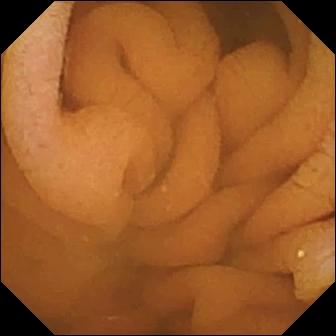Q: What does this VCE image of the small intestine show?
A: Normal clean mucosa.